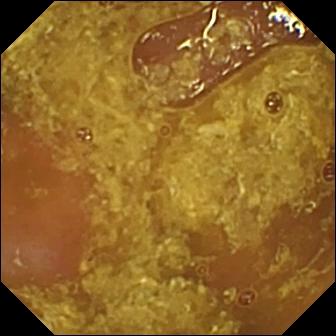This wireless capsule endoscopy still shows reduced mucosal view (content or bubbles obscuring the mucosa).